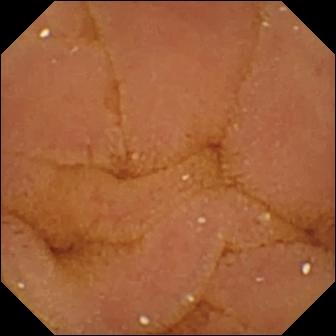Normal clean mucosa (336×336).